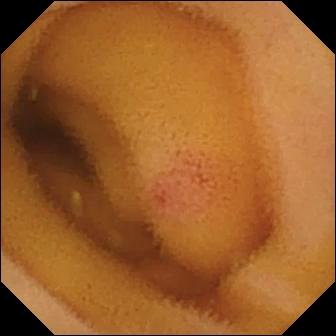modality: WCE
finding: angiectasia